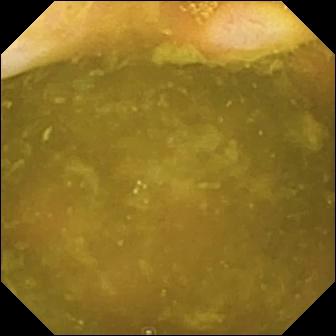Ileo-cecal valve region — wireless capsule endoscopy snapshot.